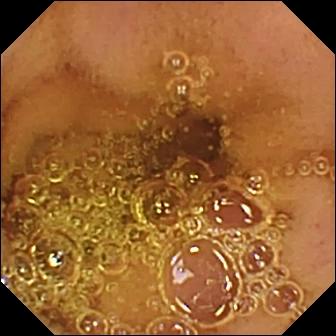PROCEDURE: Capsule endoscopy.
SEGMENT: Small intestine.
FINDINGS: Normal clean mucosa.